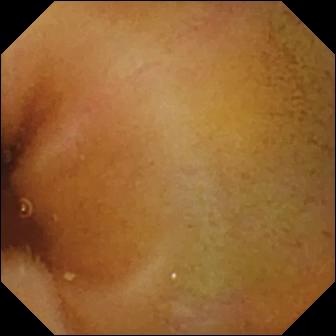{"modality": "VCE", "segment": "small bowel", "finding": "normal clean mucosa"}